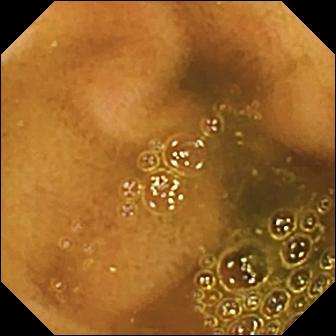PROCEDURE: Capsule endoscopy.
VIDEO SEGMENT: Ileo-cecal valve region (where the capsule passes from the small bowel into the large bowel).